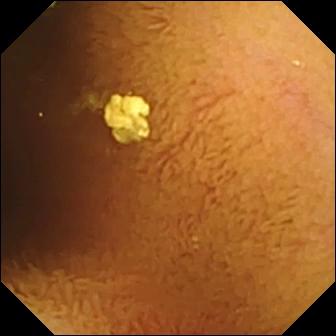WCE snapshot of the small intestine showing normal clean mucosa.